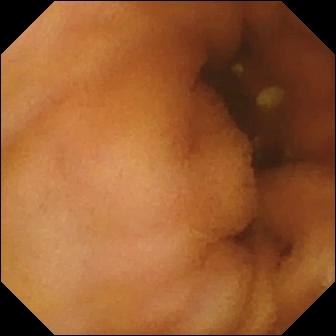VCE. Small bowel. Finding: normal clean mucosa.